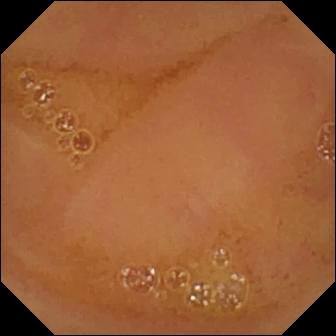Capsule endoscopy frame of the small bowel showing normal clean mucosa.